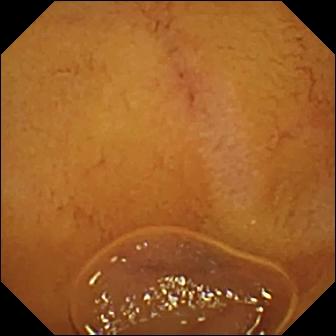Normal clean mucosa — video capsule endoscopy snapshot of the small bowel.